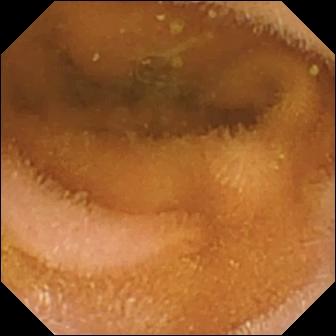Video capsule endoscopy view, small intestine
Finding: normal clean mucosa